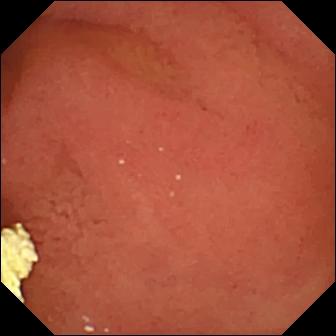VCE snapshot. Taken in the pylorus region.